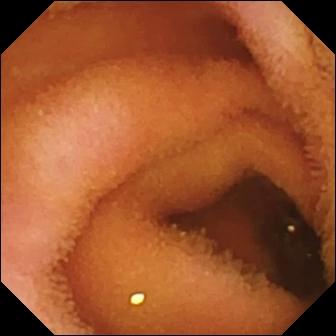VCE image (small bowel), 336×336. Normal clean mucosa.